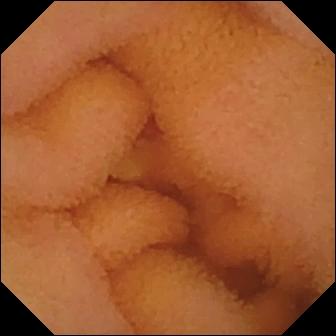Video capsule endoscopy. Finding: normal clean mucosa.